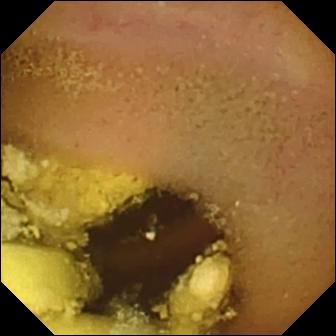Video capsule endoscopy — foreign body (e.g. retained capsule, tablet residue).